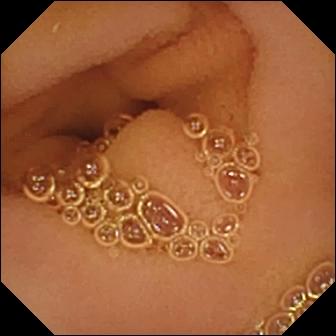- modality: wireless capsule endoscopy
- segment: small bowel
- observation: normal clean mucosa